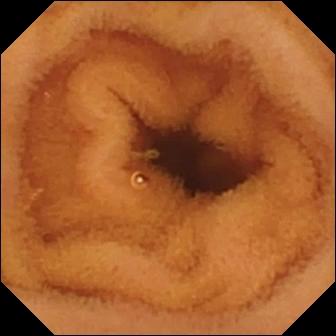Normal clean mucosa — VCE snapshot.